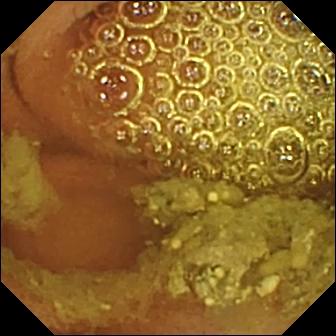Normal clean mucosa — VCE snapshot of the small bowel.